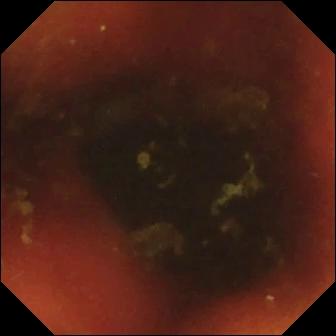Ileo-cecal valve region (where the capsule passes from the small bowel into the large bowel) — wireless capsule endoscopy frame.